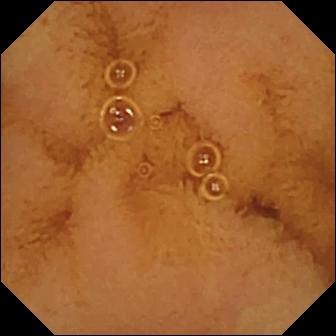WCE snapshot (small bowel). Normal clean mucosa.